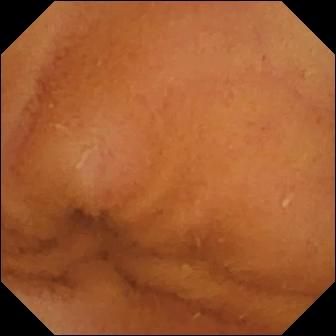Q: What does this wireless capsule endoscopy image show?
A: Normal clean mucosa.